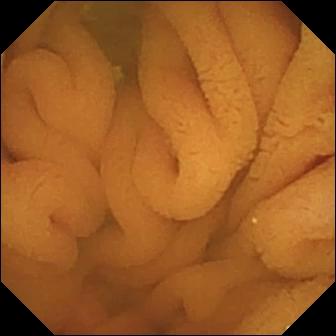Q: What does this video capsule endoscopy image show?
A: Normal clean mucosa.